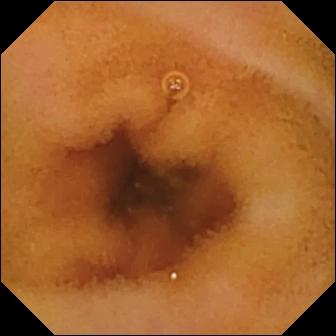This video capsule endoscopy image of the small bowel shows normal clean mucosa.